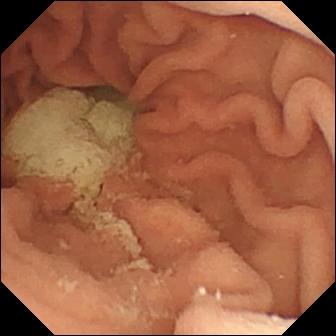modality: small-bowel capsule endoscopy | category: anatomical landmark | location: pylorus region (where the capsule passes from the stomach into the small bowel)